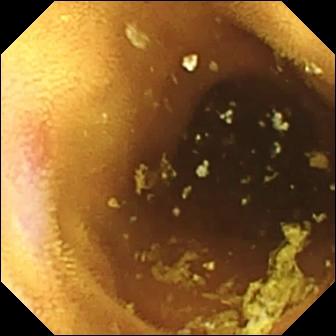Video capsule endoscopy. Luminal finding. Finding: erosion.